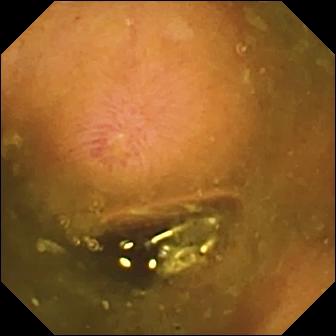Erosion — video capsule endoscopy still.